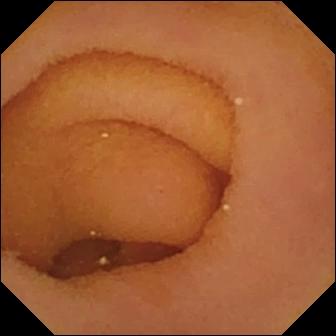Capsule endoscopy view
Label: pylorus region (where the capsule passes from the stomach into the small bowel)